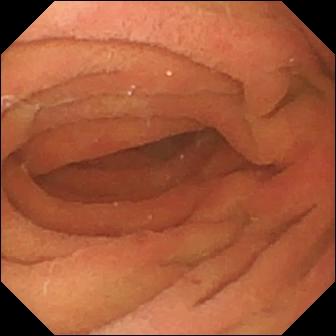VCE snapshot taken in the pylorus region.